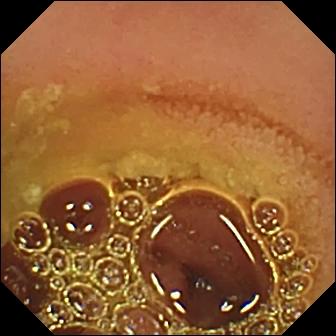Video capsule endoscopy image (small intestine). Normal clean mucosa.